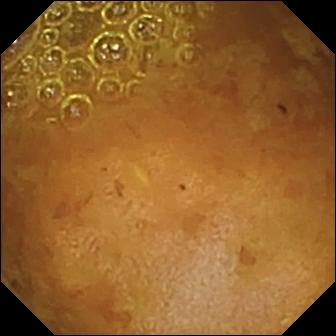- modality: WCE
- segment: small intestine
- label: reduced mucosal view (content or bubbles obscuring the mucosa)